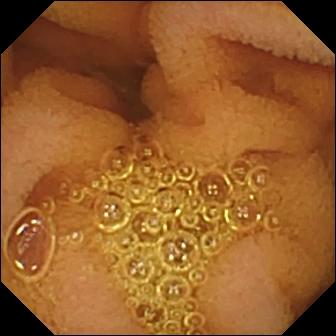This wireless capsule endoscopy still of the small intestine shows normal clean mucosa.